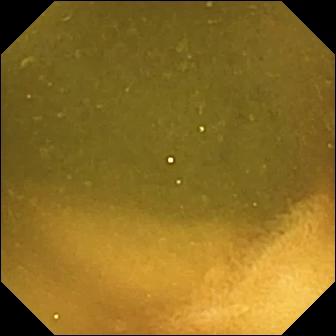Wireless capsule endoscopy image
Video segment: ileo-cecal valve region (the transition from the small bowel to the large bowel)